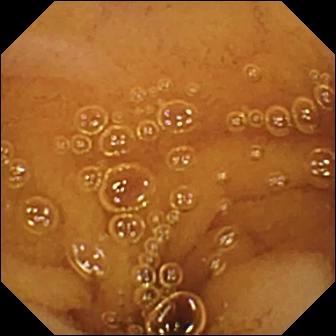This VCE image shows normal clean mucosa.